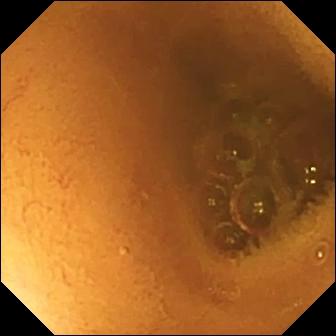modality: small-bowel capsule endoscopy
category: luminal finding
impression: normal clean mucosa